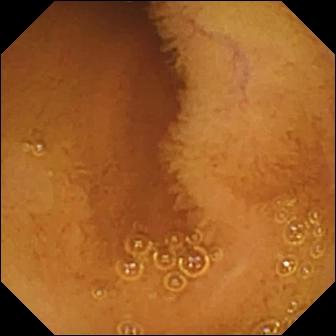- modality: video capsule endoscopy
- label: normal clean mucosa